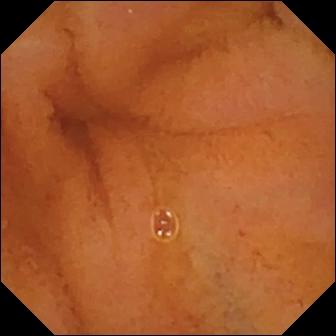Q: What does this WCE image show?
A: Normal clean mucosa.